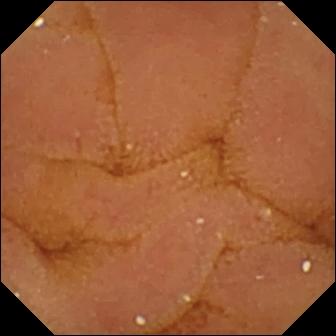Capsule endoscopy. Luminal finding. Finding: normal clean mucosa.